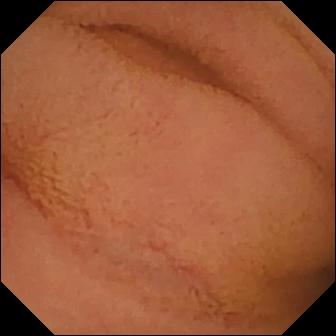Normal clean mucosa — WCE image.